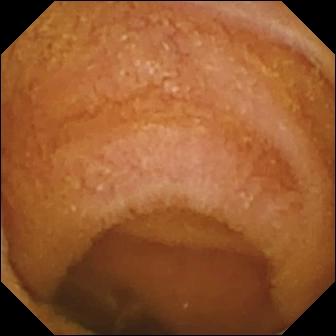{"modality": "WCE", "segment": "small bowel", "finding": "normal clean mucosa"}